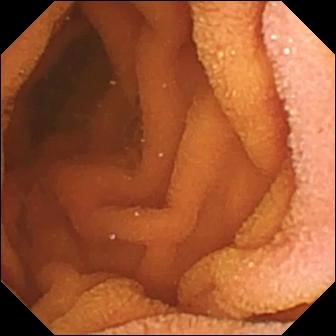VCE snapshot of the small intestine showing normal clean mucosa.